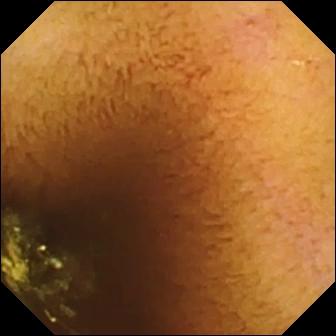{"modality": "WCE", "segment": "small intestine", "finding": "normal clean mucosa"}